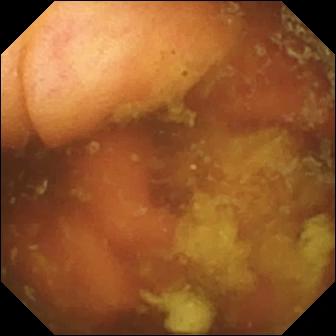Q: Where in the digestive tract was this WCE frame taken?
A: Ileo-cecal valve region (the transition from the small bowel to the large bowel).